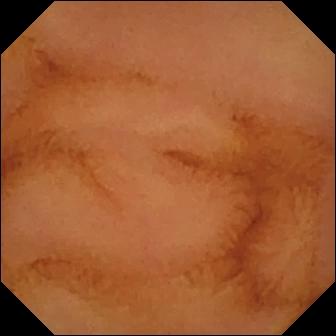Video capsule endoscopy — normal clean mucosa.